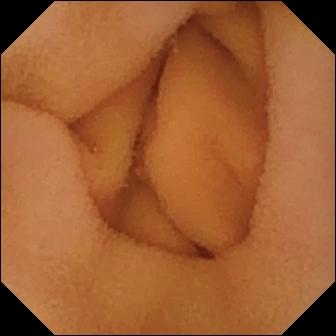Small-bowel capsule endoscopy — normal clean mucosa.